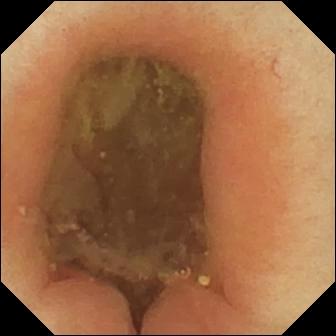VCE frame taken in the pylorus region (the junction between the stomach and the small bowel).